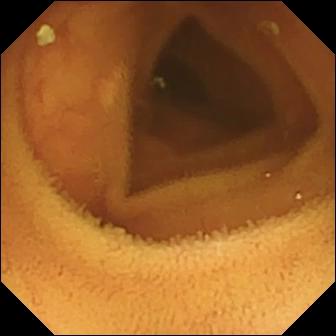Capsule endoscopy — normal clean mucosa.